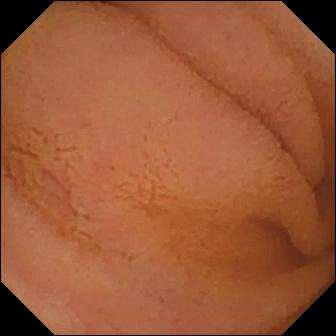Normal clean mucosa — wireless capsule endoscopy view.